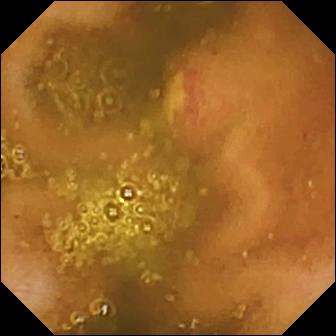Capsule endoscopy snapshot
Observation: ulcer